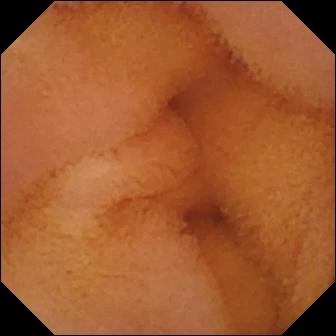Q: What does this small-bowel capsule endoscopy image show?
A: Normal clean mucosa.